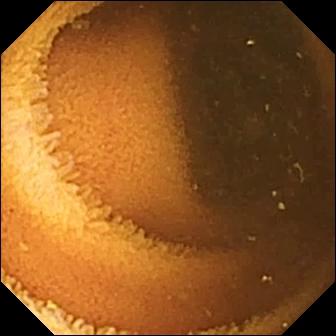Normal clean mucosa — WCE snapshot of the small bowel.